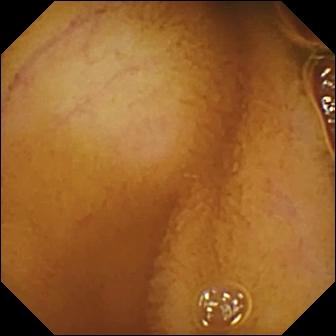Normal clean mucosa (336×336).